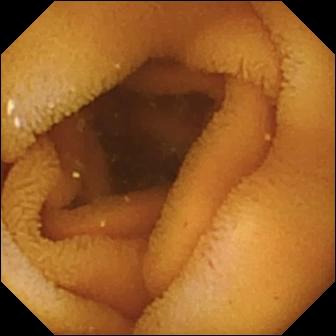- modality: small-bowel capsule endoscopy
- impression: normal clean mucosa